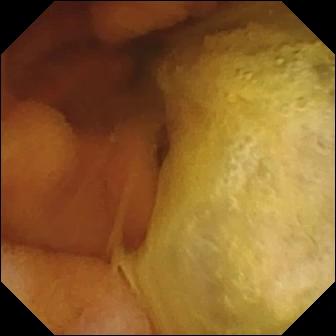This WCE snapshot of the small intestine shows normal clean mucosa.